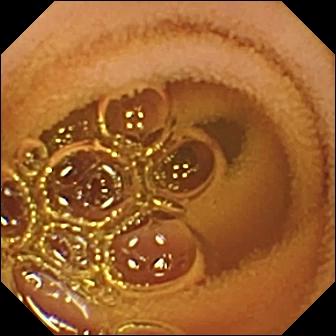Normal clean mucosa.